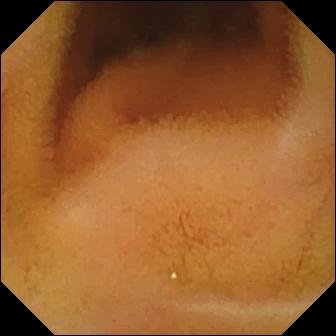Normal clean mucosa.